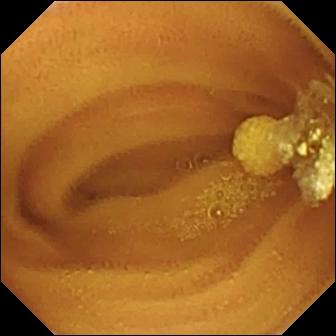Video capsule endoscopy snapshot. Lymphangiectasia.